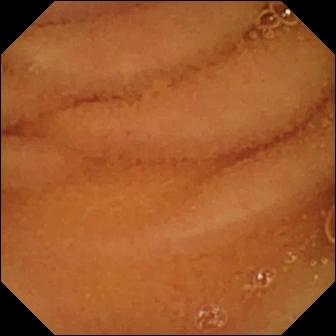WCE view (small intestine). Normal clean mucosa.